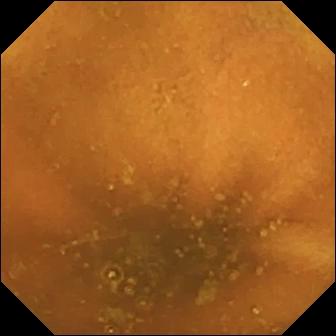VCE — normal clean mucosa.